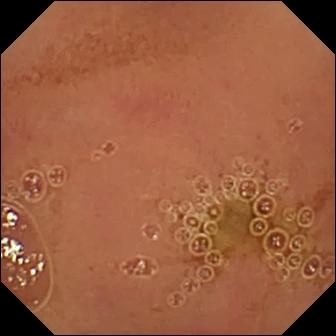modality: WCE; label: normal clean mucosa